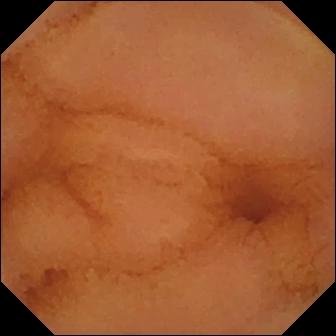- modality: video capsule endoscopy
- segment: small bowel
- finding: normal clean mucosa